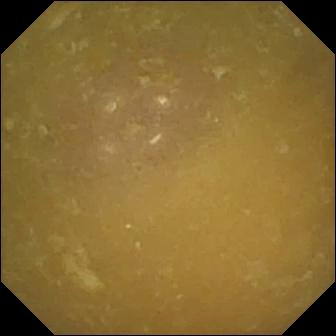{"modality": "VCE", "category": "anatomical landmark", "position": "ileo-cecal valve region (the transition from the small bowel to the large bowel)"}